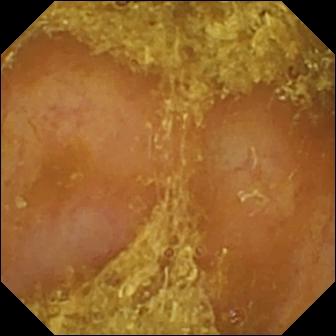modality: VCE | category: luminal finding | observation: reduced mucosal view (content or bubbles obscuring the mucosa)